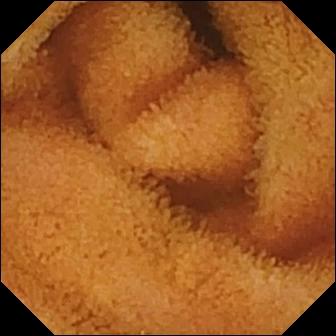Capsule endoscopy still showing normal clean mucosa.